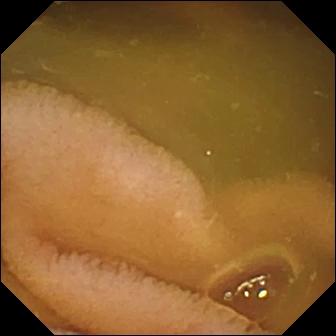WCE. Finding: normal clean mucosa.